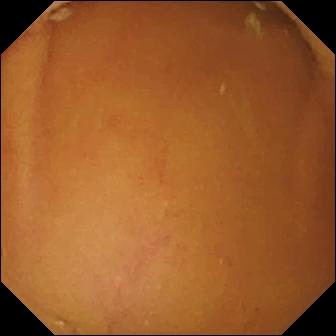Wireless capsule endoscopy still. Normal clean mucosa.